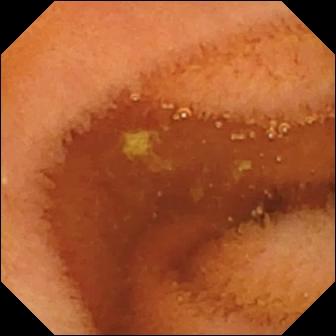VCE frame of the small bowel showing normal clean mucosa.